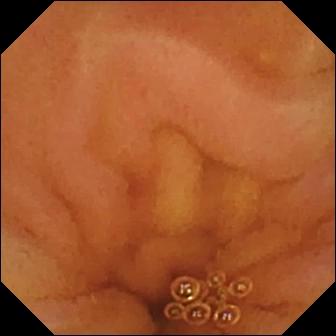Capsule endoscopy. Small intestine. Impression: normal clean mucosa.